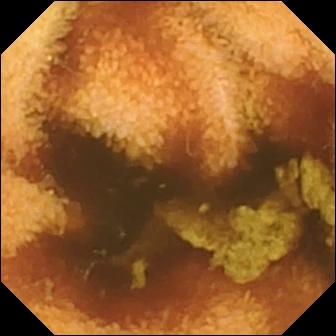{"modality": "video capsule endoscopy", "finding": "normal clean mucosa"}